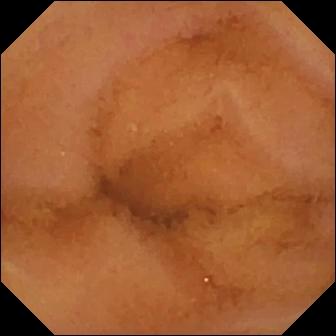This WCE view of the small bowel shows normal clean mucosa.